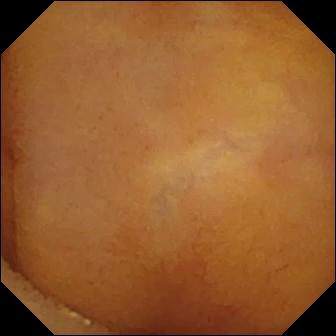Wireless capsule endoscopy — normal clean mucosa.